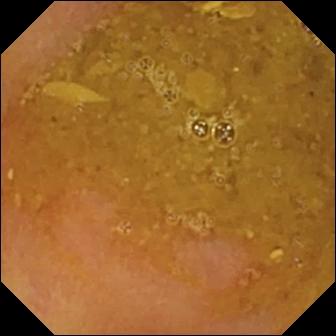Capsule endoscopy image (small bowel), 336×336. Reduced mucosal view (content or bubbles obscuring the mucosa).